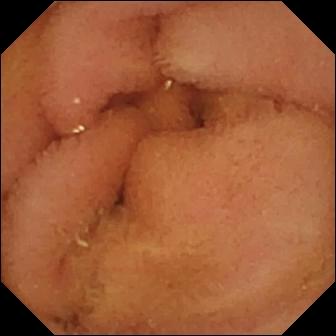Normal clean mucosa — VCE frame.